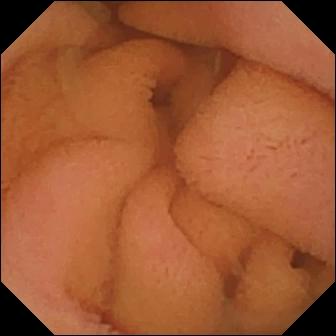This capsule endoscopy snapshot shows normal clean mucosa.